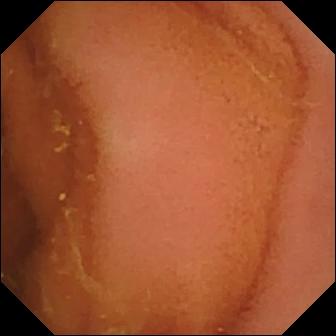PROCEDURE: VCE.
SEGMENT: Small bowel.
FINDINGS: Normal clean mucosa.